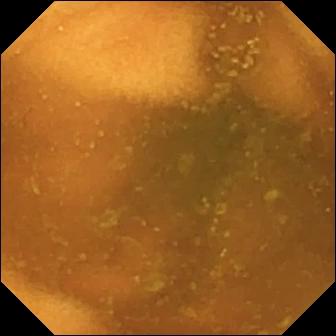This VCE view shows normal clean mucosa.